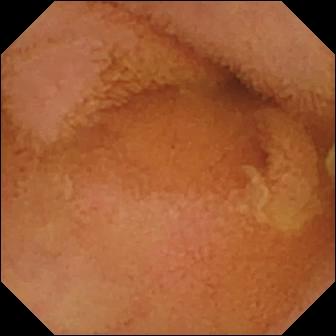Wireless capsule endoscopy. Small bowel. Luminal finding. Observation: normal clean mucosa.